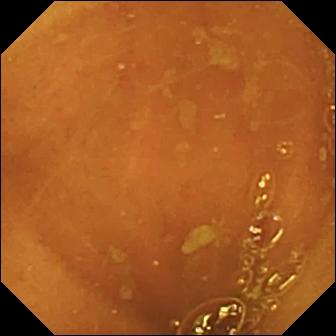modality: small-bowel capsule endoscopy | position: ileo-cecal valve region (where the capsule passes from the small bowel into the large bowel)